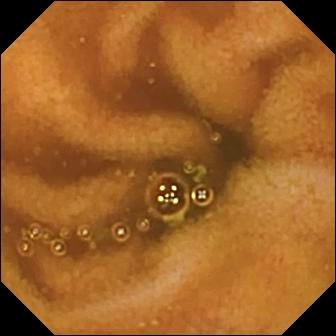Normal clean mucosa — wireless capsule endoscopy image of the small bowel.